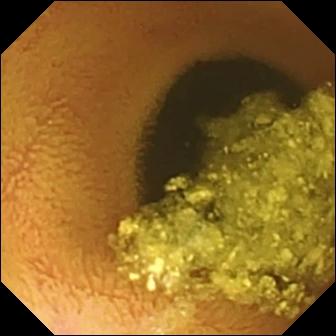Normal clean mucosa — small-bowel capsule endoscopy still of the small intestine.